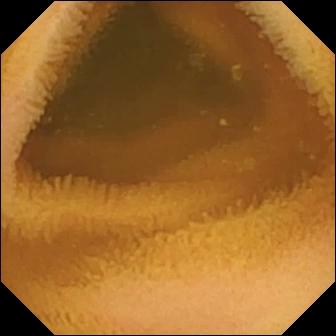Wireless capsule endoscopy frame, 336×336. Normal clean mucosa.